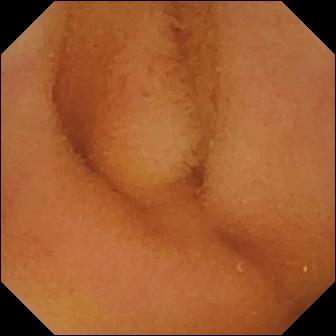VCE image
Impression: normal clean mucosa